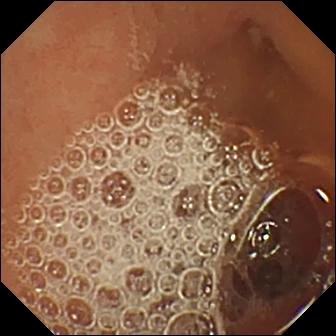- modality: VCE
- finding: normal clean mucosa